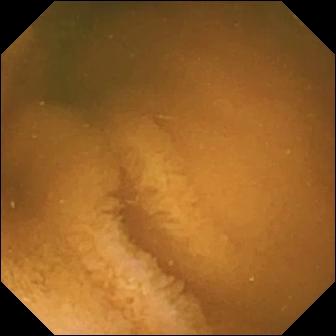Q: What does this WCE image show?
A: Normal clean mucosa.